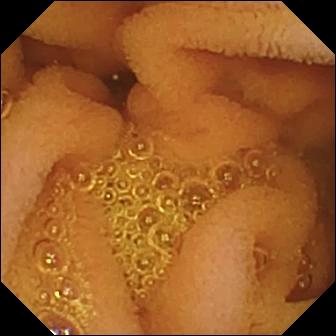Capsule endoscopy — normal clean mucosa.